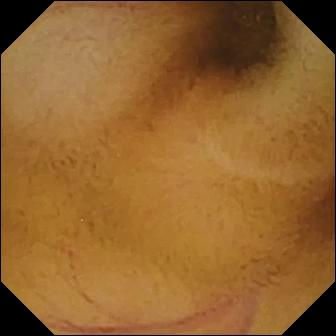WCE image showing normal clean mucosa.